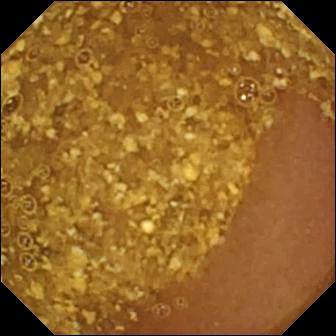This WCE frame of the small intestine shows reduced mucosal view (content or bubbles obscuring the mucosa).